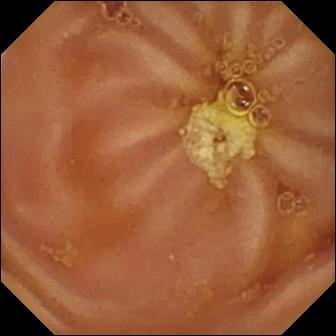WCE still showing normal clean mucosa.